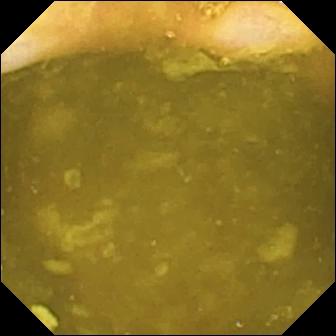PROCEDURE: VCE.
POSITION: Ileo-cecal valve region (where the capsule passes from the small bowel into the large bowel).